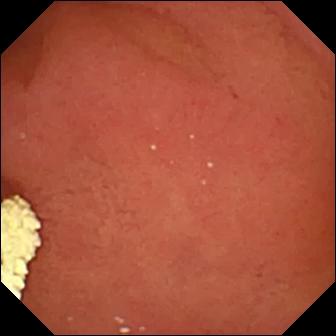WCE still, 336×336. Taken in the pylorus region (where the capsule passes from the stomach into the small bowel).